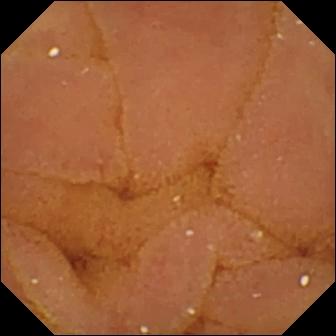{"modality": "wireless capsule endoscopy", "finding": "normal clean mucosa"}